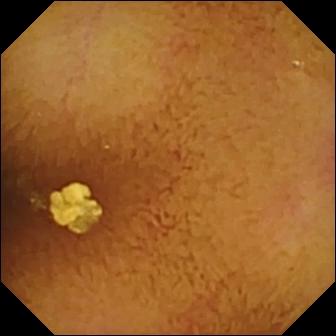PROCEDURE: Small-bowel capsule endoscopy.
FINDINGS: Normal clean mucosa.